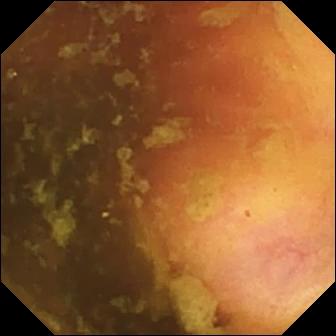Wireless capsule endoscopy — ileo-cecal valve region.